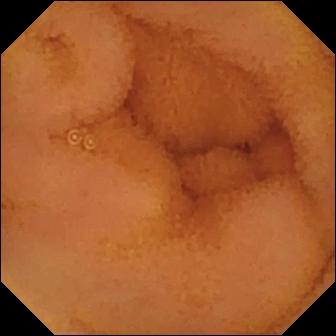Video capsule endoscopy — normal clean mucosa.